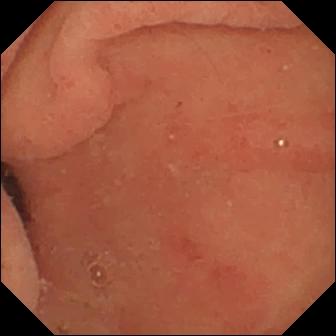{"modality": "capsule endoscopy", "video_segment": "pylorus region"}